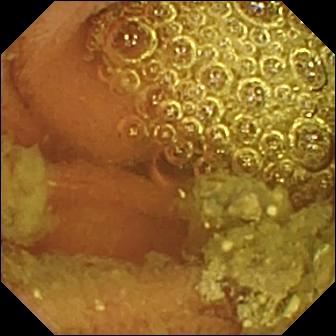This capsule endoscopy still of the small intestine shows normal clean mucosa.